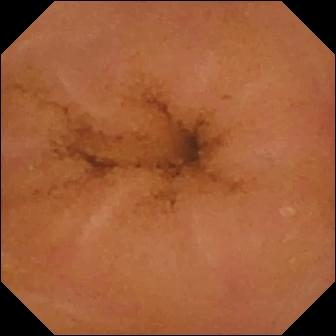This VCE snapshot of the small intestine shows normal clean mucosa.